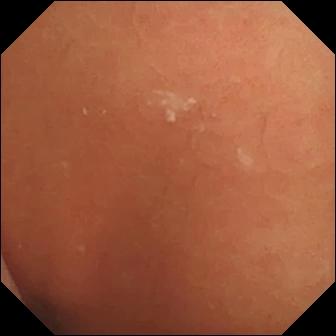WCE view
Impression: normal clean mucosa